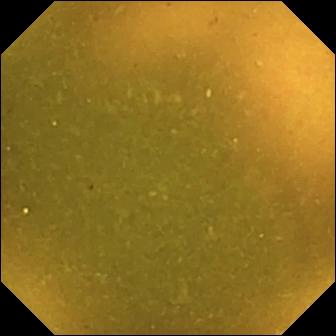Small-bowel capsule endoscopy image taken in the ileo-cecal valve region (the transition from the small bowel to the large bowel).